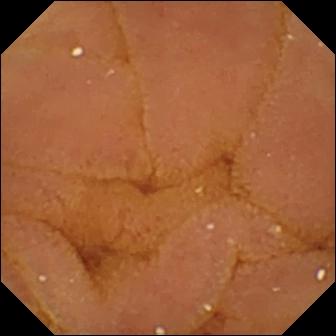Q: What does this wireless capsule endoscopy snapshot show?
A: Normal clean mucosa.